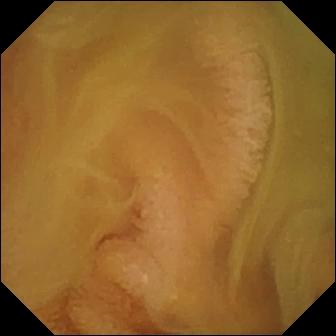Video capsule endoscopy snapshot of the small intestine showing normal clean mucosa.